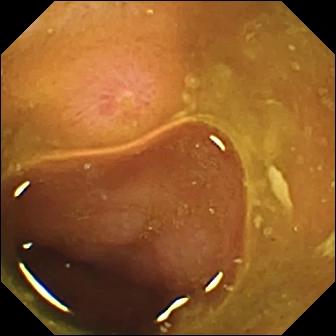modality: WCE; observation: erosion